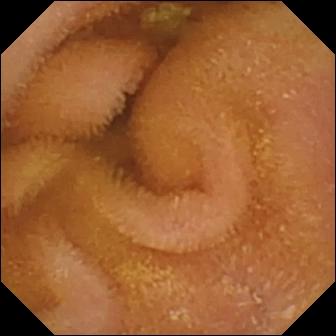VCE frame. Normal clean mucosa.